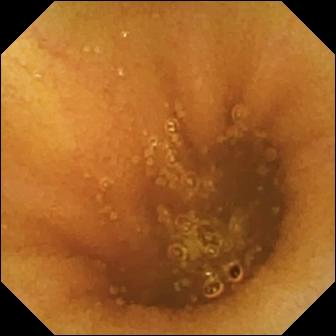Video capsule endoscopy — normal clean mucosa.